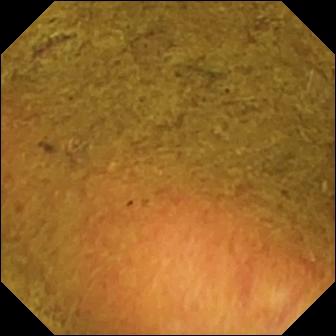VCE frame. Taken in the ileo-cecal valve region (the transition from the small bowel to the large bowel).